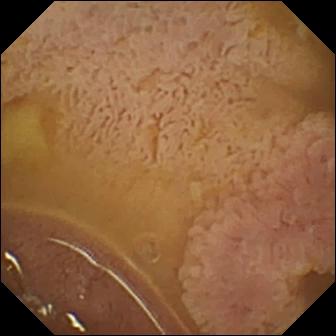This WCE view was taken in the ileo-cecal valve region.